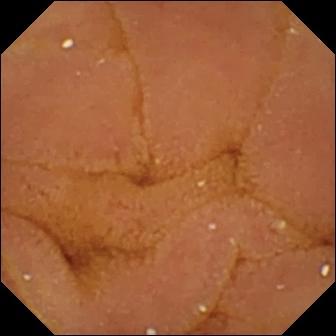VCE — normal clean mucosa.